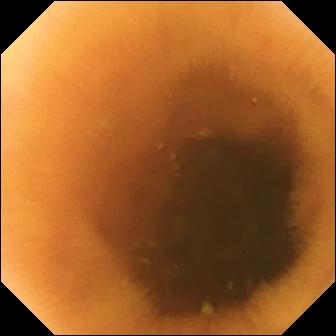{"modality": "VCE", "segment": "small bowel", "category": "luminal finding", "finding": "normal clean mucosa"}